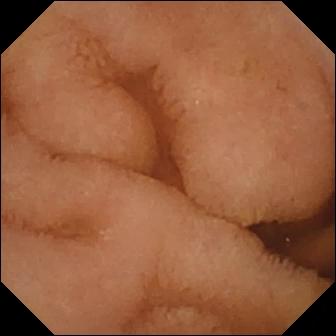VCE. Finding: normal clean mucosa.